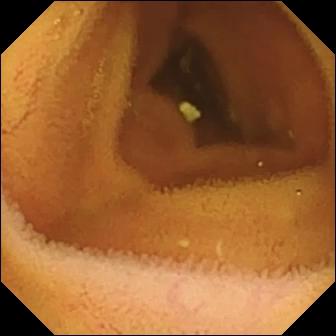- modality: WCE
- segment: small bowel
- impression: normal clean mucosa